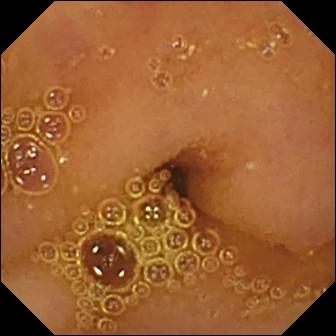modality: small-bowel capsule endoscopy | category: luminal finding | impression: normal clean mucosa